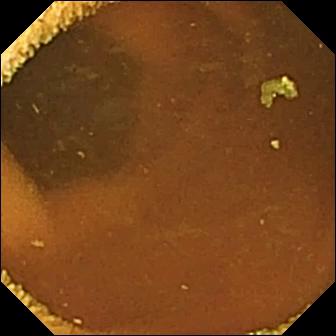modality: video capsule endoscopy; label: normal clean mucosa